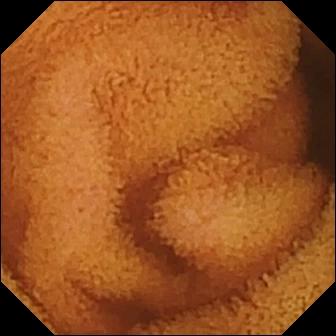PROCEDURE: Small-bowel capsule endoscopy.
FINDINGS: Normal clean mucosa.